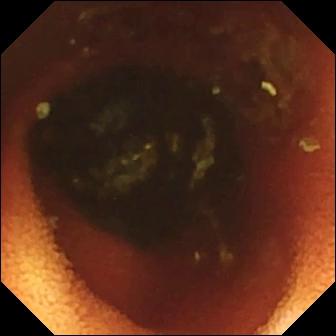This video capsule endoscopy frame was taken in the ileo-cecal valve region.